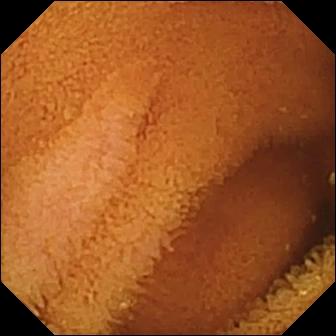Capsule endoscopy image showing normal clean mucosa.